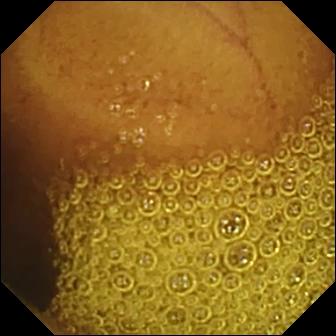modality: small-bowel capsule endoscopy; segment: small bowel; finding: normal clean mucosa